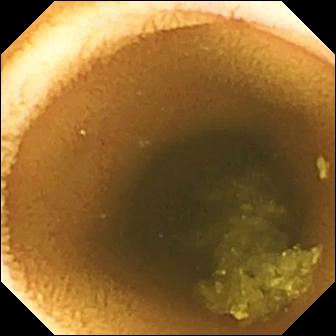Video capsule endoscopy. Small bowel. Finding: normal clean mucosa.